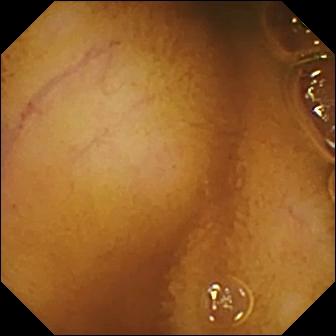Small-bowel capsule endoscopy view, small intestine
Label: normal clean mucosa